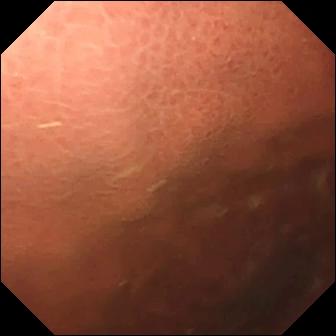modality: video capsule endoscopy | category: anatomical landmark | label: pylorus region (where the capsule passes from the stomach into the small bowel)